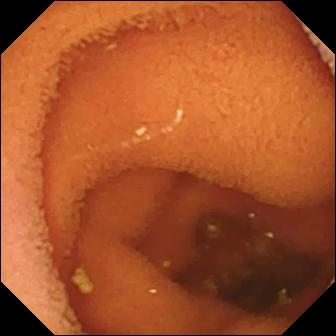Small-bowel capsule endoscopy view of the small intestine showing normal clean mucosa.